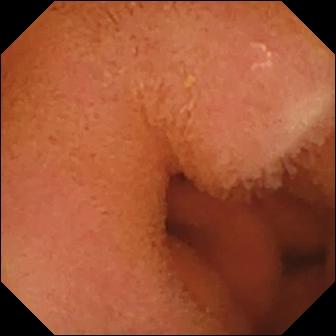This capsule endoscopy snapshot of the small bowel shows normal clean mucosa.